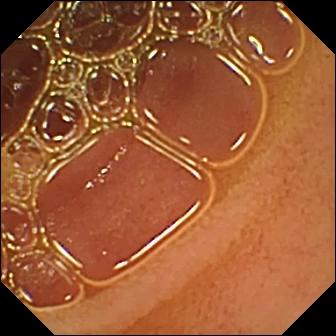Wireless capsule endoscopy. Observation: normal clean mucosa.